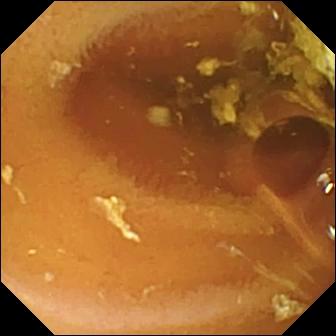Wireless capsule endoscopy — normal clean mucosa.